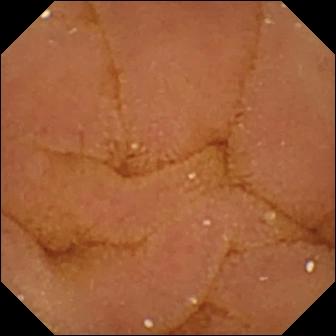VCE image
Impression: normal clean mucosa